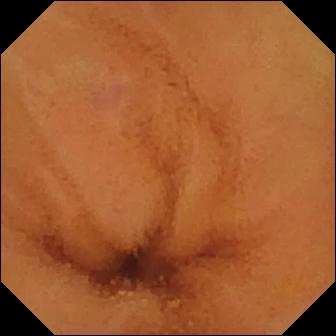WCE still, small bowel
Label: normal clean mucosa